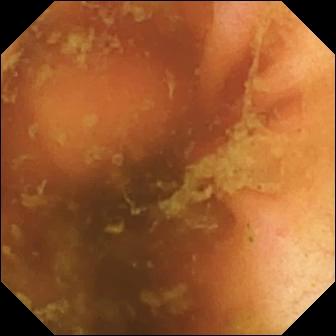WCE — ileo-cecal valve region (the transition from the small bowel to the large bowel).